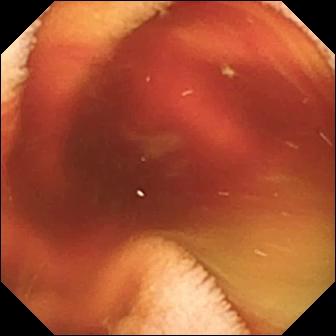This small-bowel capsule endoscopy view shows fresh blood in the lumen.